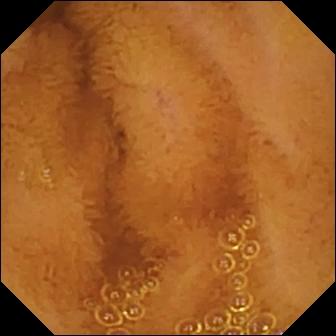Video capsule endoscopy — normal clean mucosa.